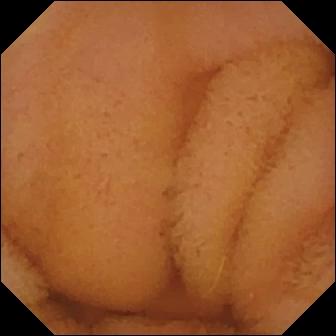Normal clean mucosa.